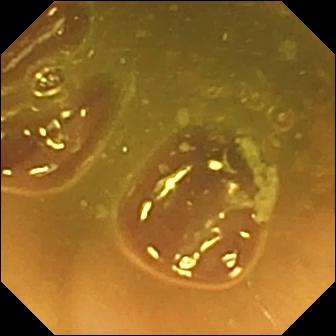Video capsule endoscopy — ileo-cecal valve region.